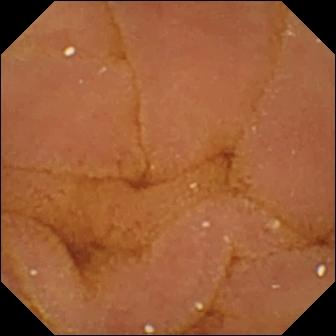Small-bowel capsule endoscopy frame of the small bowel showing normal clean mucosa.